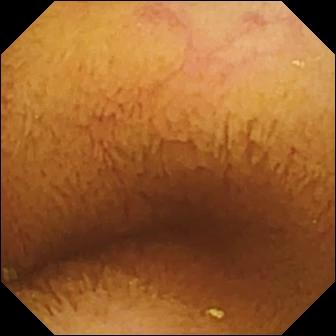This capsule endoscopy snapshot of the small bowel shows normal clean mucosa.